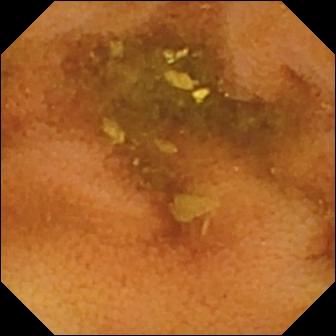Q: What does this capsule endoscopy view of the small bowel show?
A: Normal clean mucosa.